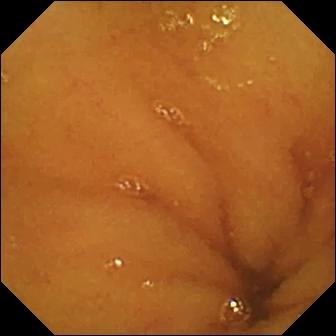Normal clean mucosa.